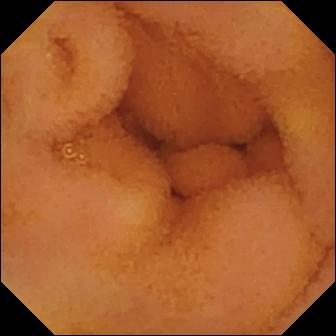VCE. Luminal finding. Label: normal clean mucosa.